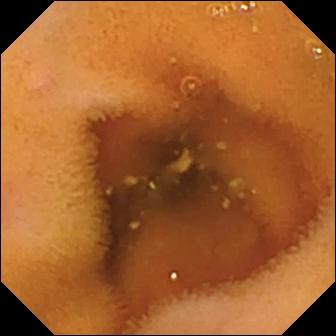{"modality": "video capsule endoscopy", "segment": "small bowel", "category": "luminal finding", "finding": "normal clean mucosa"}